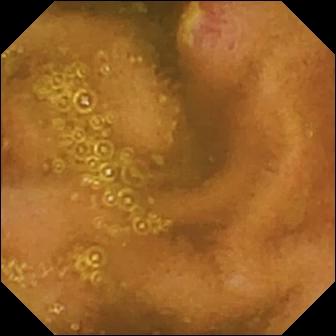Wireless capsule endoscopy frame
Label: ulcer